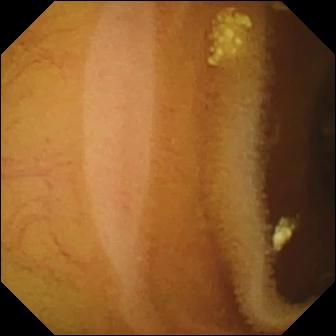PROCEDURE: VCE.
FINDINGS: Lymphangiectasia.